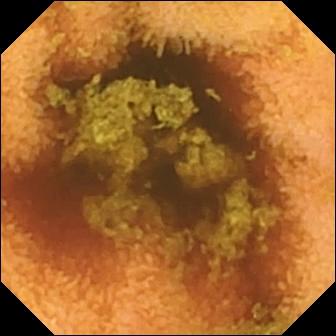Normal clean mucosa (336×336).